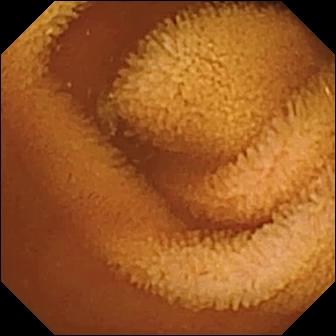Video capsule endoscopy snapshot of the small intestine showing normal clean mucosa.